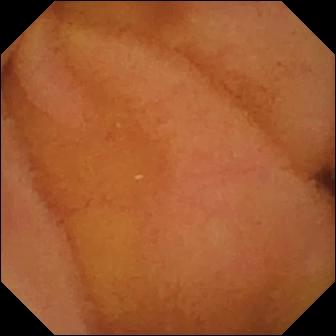VCE snapshot, small bowel
Finding: normal clean mucosa